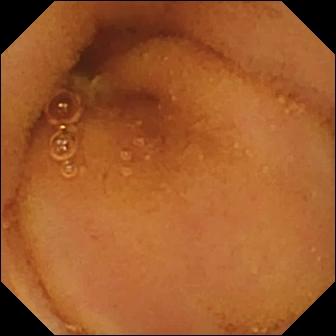This wireless capsule endoscopy view of the small intestine shows normal clean mucosa.